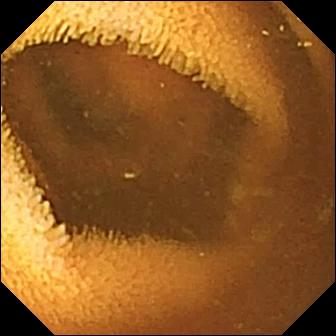PROCEDURE: VCE.
FINDINGS: Normal clean mucosa.